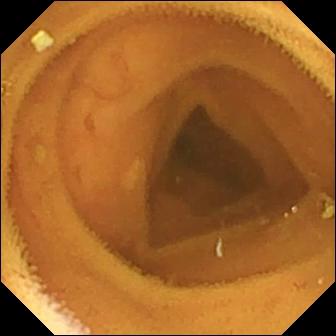Q: What does this VCE snapshot of the small intestine show?
A: Normal clean mucosa.